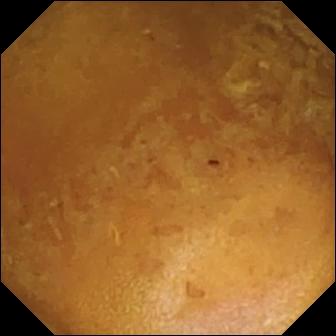Reduced mucosal view (content or bubbles obscuring the mucosa) — capsule endoscopy snapshot of the small bowel.